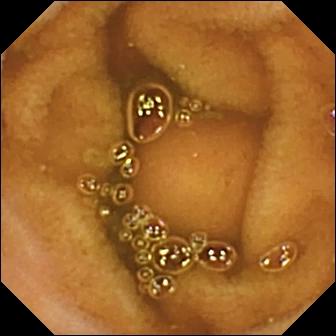Q: What does this WCE still of the small intestine show?
A: Normal clean mucosa.